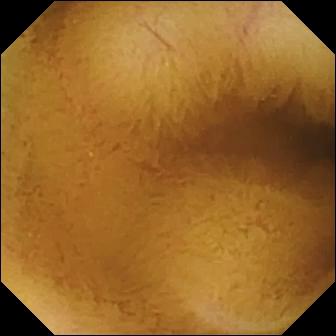Small-bowel capsule endoscopy — normal clean mucosa.